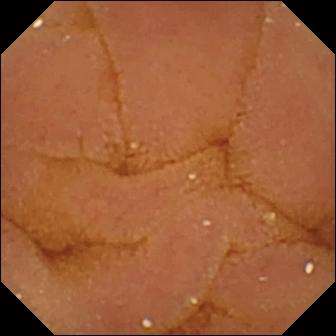modality: video capsule endoscopy; category: luminal finding; finding: normal clean mucosa